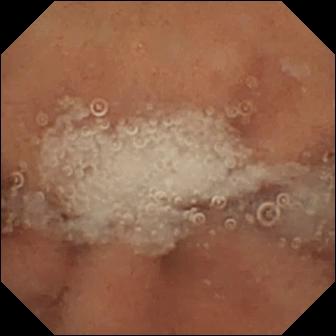This video capsule endoscopy still of the small intestine shows normal clean mucosa.